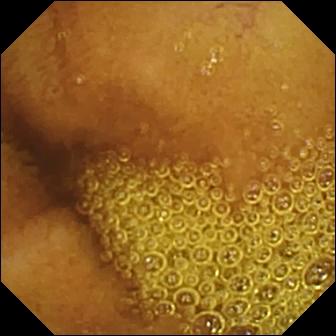Capsule endoscopy view of the small bowel showing normal clean mucosa.